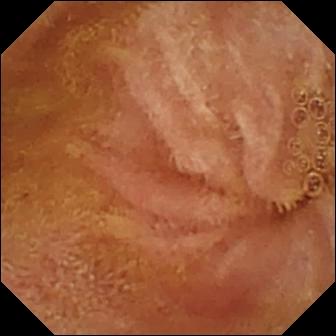modality: small-bowel capsule endoscopy; label: normal clean mucosa